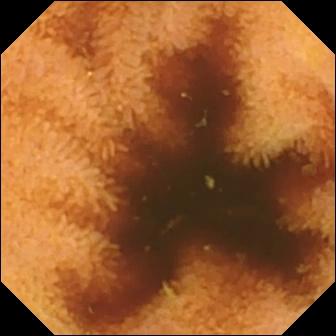- modality: video capsule endoscopy
- category: luminal finding
- observation: normal clean mucosa